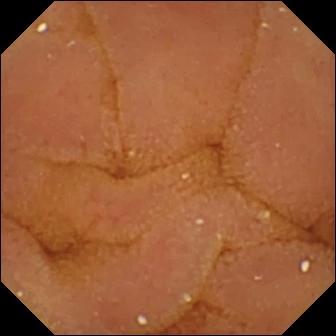Q: What does this VCE frame of the small intestine show?
A: Normal clean mucosa.